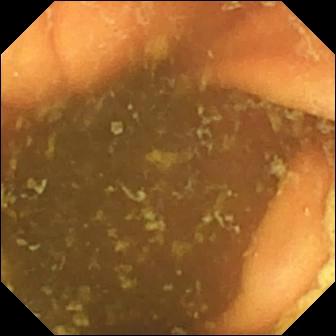Capsule endoscopy image taken in the ileo-cecal valve region.